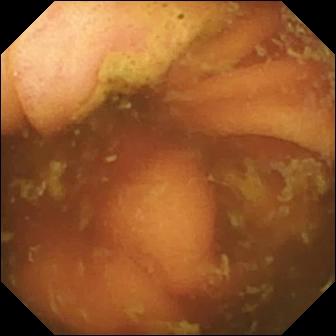{"modality": "wireless capsule endoscopy", "category": "anatomical landmark", "location": "ileo-cecal valve region"}